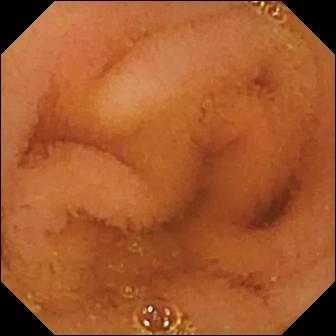Video capsule endoscopy view. Normal clean mucosa.